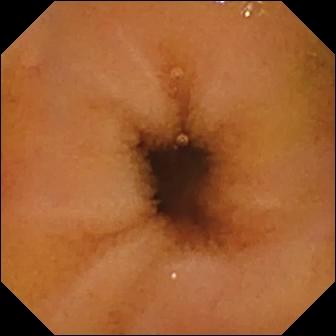Normal clean mucosa — wireless capsule endoscopy view of the small intestine.